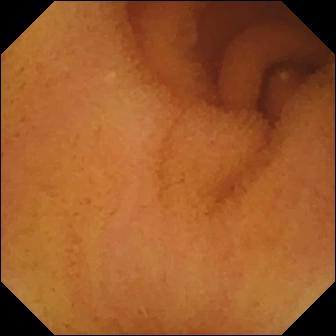Small-bowel capsule endoscopy snapshot (small bowel), 336×336. Normal clean mucosa.